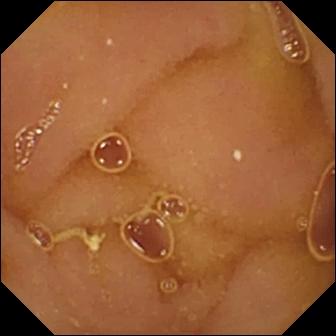Video capsule endoscopy snapshot of the small intestine showing normal clean mucosa.